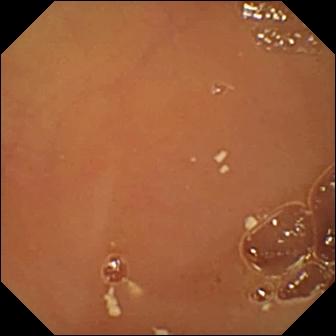Video capsule endoscopy view of the small bowel showing normal clean mucosa.